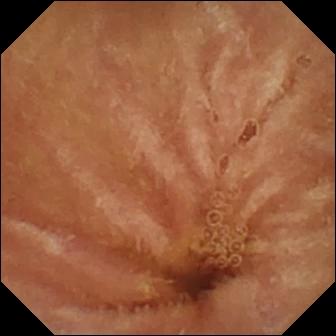PROCEDURE: Wireless capsule endoscopy.
FINDINGS: Normal clean mucosa.